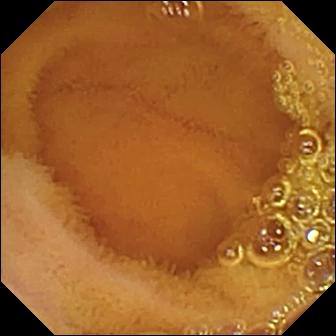Wireless capsule endoscopy image (small bowel). Normal clean mucosa.